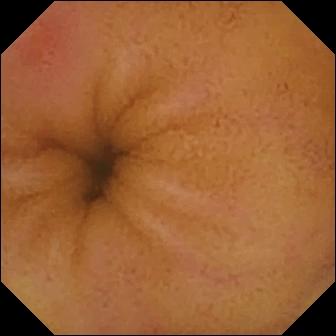Q: What does this wireless capsule endoscopy frame show?
A: Erythema (mucosal redness).